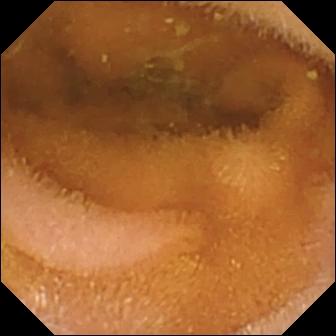modality: VCE; segment: small intestine; finding: normal clean mucosa